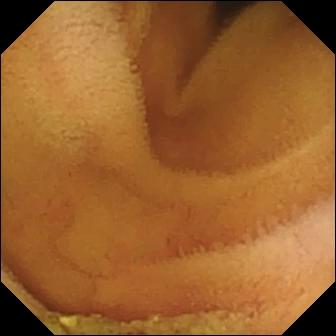Normal clean mucosa — small-bowel capsule endoscopy view.